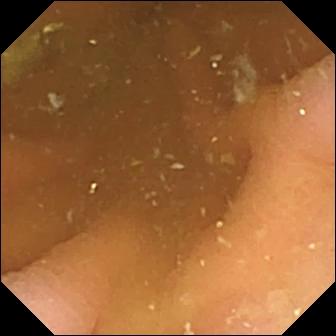Q: Where in the digestive tract was this capsule endoscopy still taken?
A: Pylorus region (where the capsule passes from the stomach into the small bowel).